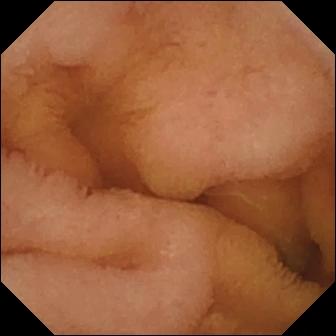Normal clean mucosa.